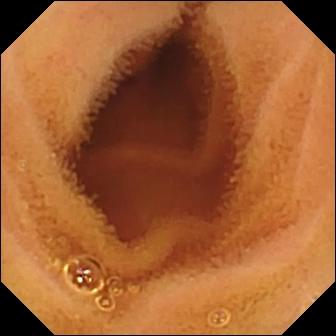{"modality": "VCE", "category": "luminal finding", "finding": "normal clean mucosa"}